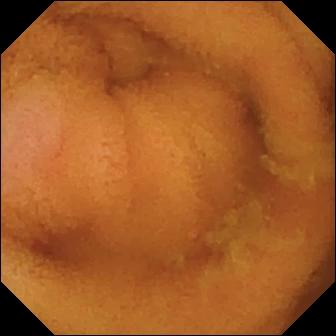WCE. Small intestine. Luminal finding. Label: normal clean mucosa.